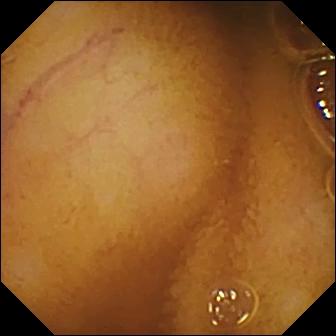Q: What does this wireless capsule endoscopy image show?
A: Normal clean mucosa.